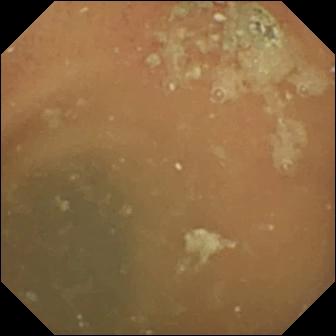PROCEDURE: WCE.
SEGMENT: Small intestine.
FINDINGS: Normal clean mucosa.